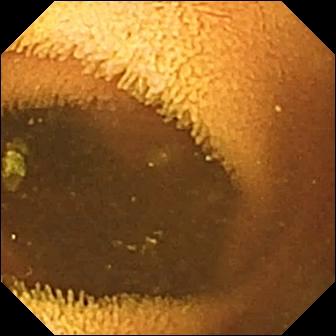Video capsule endoscopy frame
Impression: normal clean mucosa